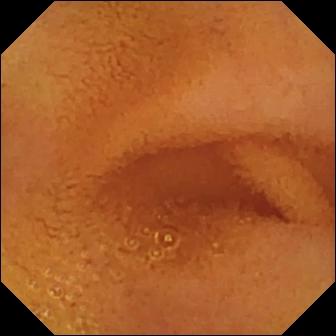Normal clean mucosa — capsule endoscopy view of the small bowel.